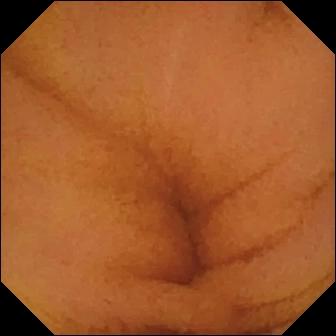Normal clean mucosa.